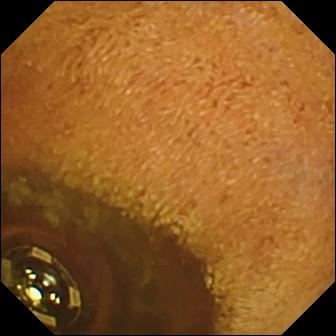Wireless capsule endoscopy view. Foreign body (e.g. retained capsule, tablet residue).